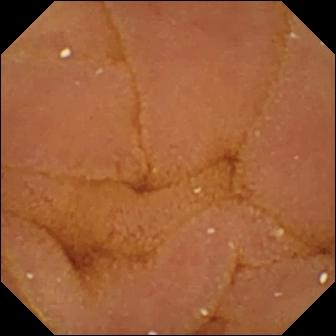modality: wireless capsule endoscopy
category: luminal finding
impression: normal clean mucosa